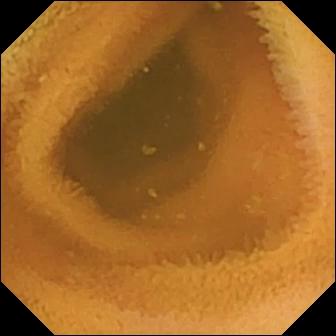Small-bowel capsule endoscopy — normal clean mucosa.